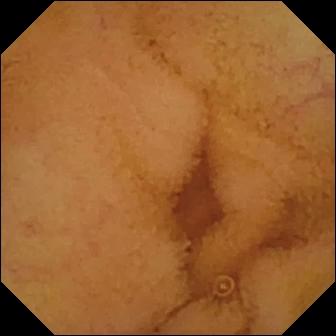modality: small-bowel capsule endoscopy
category: luminal finding
label: normal clean mucosa